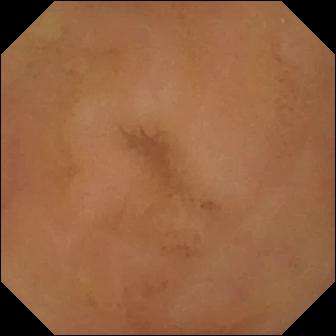Capsule endoscopy view showing normal clean mucosa.